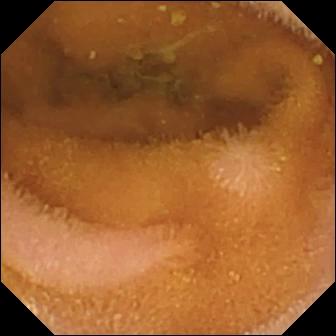Normal clean mucosa — capsule endoscopy still of the small intestine.